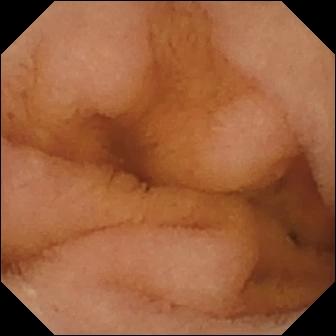{"modality": "video capsule endoscopy", "finding": "normal clean mucosa"}